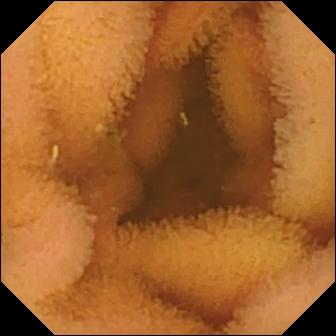Q: What does this capsule endoscopy frame of the small intestine show?
A: Normal clean mucosa.